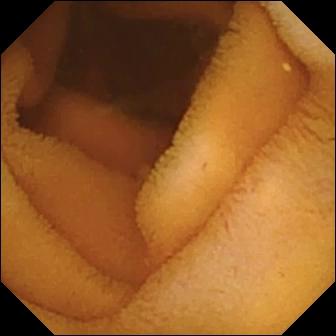Wireless capsule endoscopy — normal clean mucosa.